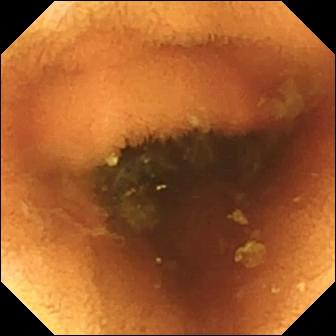PROCEDURE: WCE.
SEGMENT: Small intestine.
FINDINGS: Normal clean mucosa.